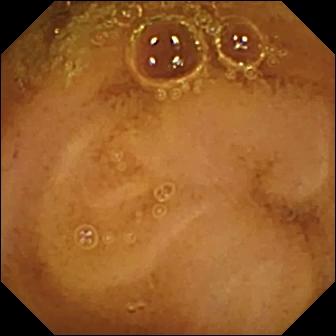Small-bowel capsule endoscopy view of the small bowel showing normal clean mucosa.